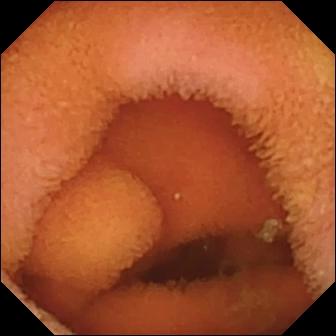Capsule endoscopy still (small intestine). Normal clean mucosa.